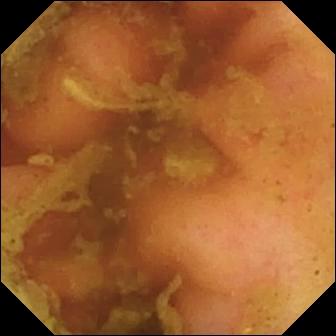PROCEDURE: VCE.
POSITION: Ileo-cecal valve region.